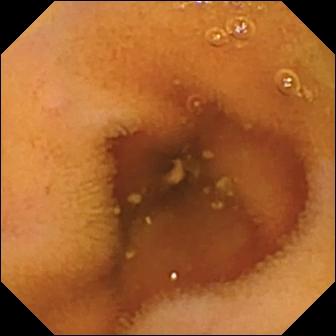This VCE image shows normal clean mucosa.